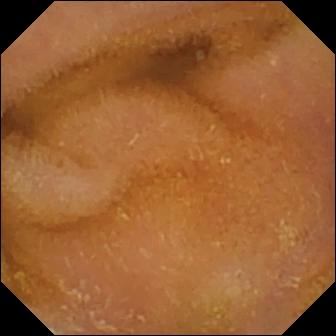PROCEDURE: WCE.
FINDINGS: Normal clean mucosa.